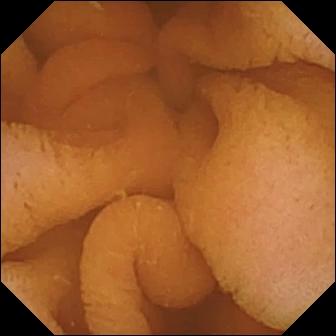modality: VCE | impression: normal clean mucosa